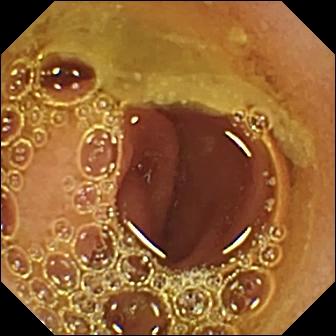- modality: wireless capsule endoscopy
- segment: small intestine
- category: luminal finding
- finding: normal clean mucosa